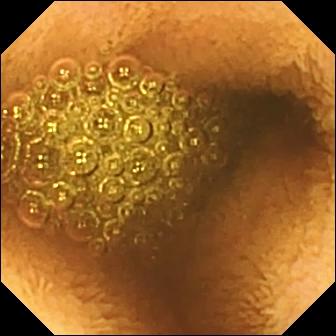VCE image
Observation: reduced mucosal view (content or bubbles obscuring the mucosa)